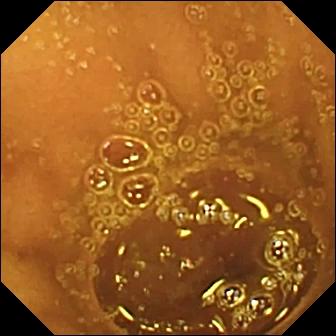PROCEDURE: Small-bowel capsule endoscopy.
FINDINGS: Normal clean mucosa.